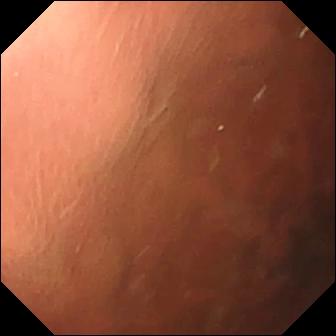modality: video capsule endoscopy
video segment: pylorus region (where the capsule passes from the stomach into the small bowel)